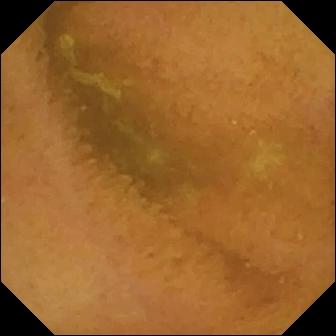Video capsule endoscopy image
Impression: normal clean mucosa